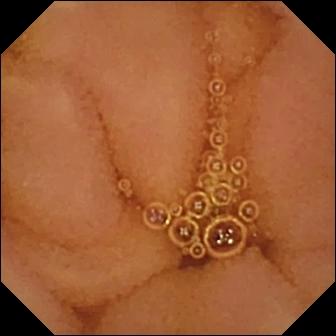Q: What does this wireless capsule endoscopy snapshot show?
A: Normal clean mucosa.